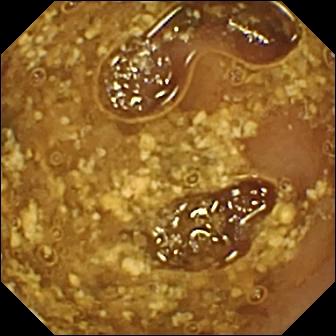Reduced mucosal view (content or bubbles obscuring the mucosa) (336×336).